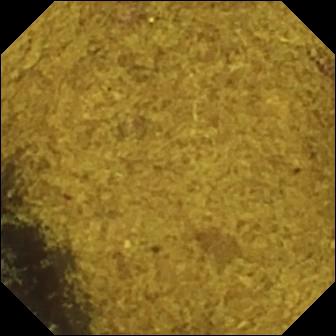{"modality": "VCE", "category": "anatomical landmark", "label": "ileo-cecal valve region"}